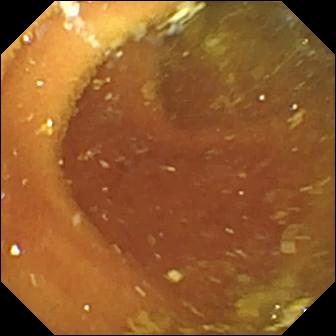WCE snapshot, 336×336. Taken in the pylorus region (the junction between the stomach and the small bowel).